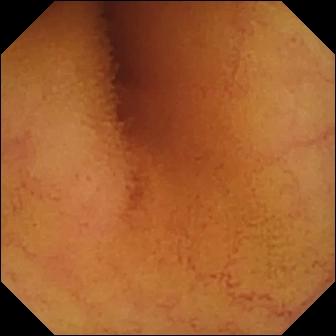{"modality": "small-bowel capsule endoscopy", "segment": "small intestine", "finding": "normal clean mucosa"}